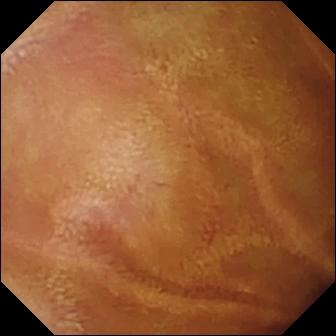Wireless capsule endoscopy snapshot (small bowel). Normal clean mucosa.